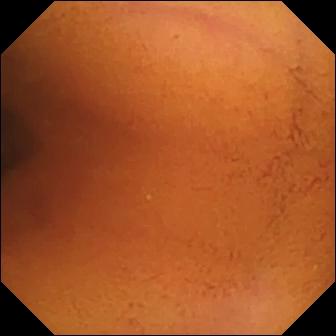This WCE image shows normal clean mucosa.